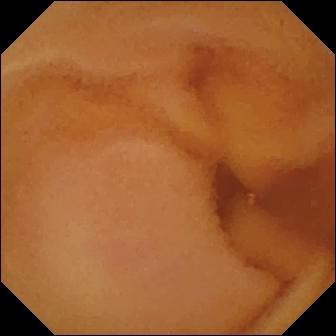modality: video capsule endoscopy | category: luminal finding | label: normal clean mucosa